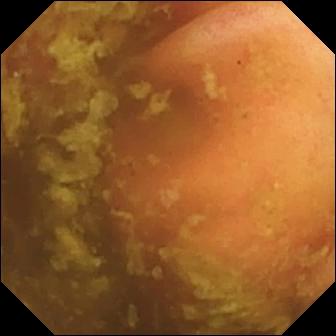Q: Where in the digestive tract was this wireless capsule endoscopy view taken?
A: Ileo-cecal valve region.